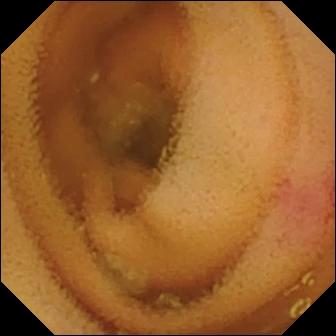Small-bowel capsule endoscopy — angiectasia.